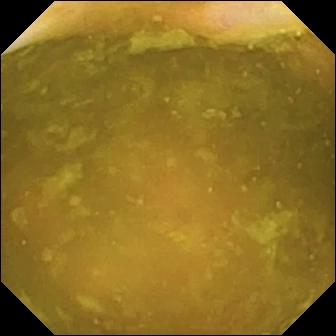{"modality": "capsule endoscopy", "video_segment": "ileo-cecal valve region (the transition from the small bowel to the large bowel)"}